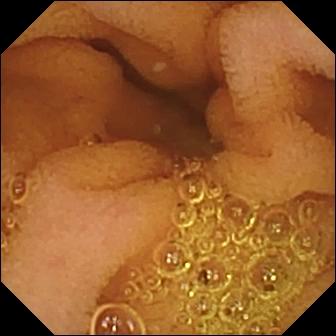Normal clean mucosa — WCE snapshot of the small bowel.